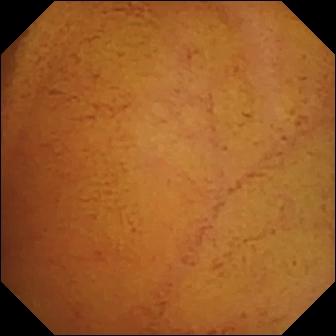WCE still
Finding: normal clean mucosa